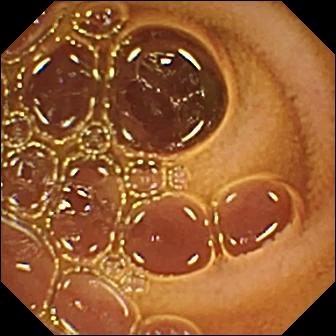Video capsule endoscopy — normal clean mucosa.